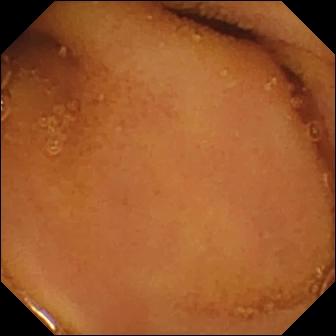This WCE frame shows normal clean mucosa.